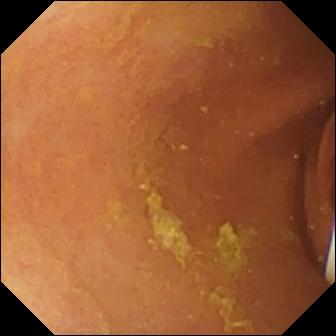{"modality": "VCE", "finding": "foreign body (e.g. retained capsule, tablet residue)"}